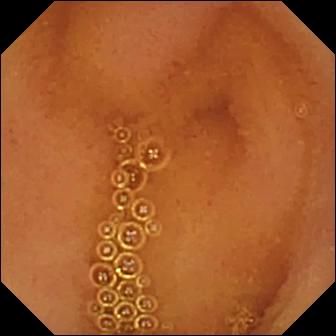VCE frame showing normal clean mucosa.